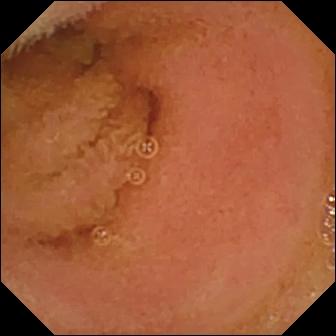Wireless capsule endoscopy view showing normal clean mucosa.